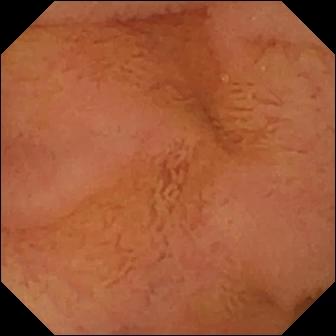Normal clean mucosa — small-bowel capsule endoscopy still.